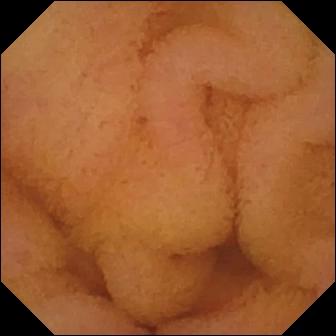Normal clean mucosa.